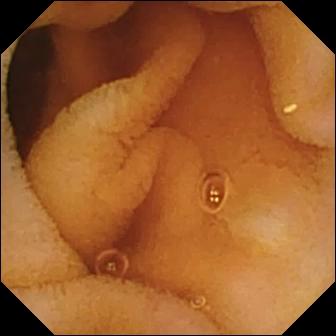Normal clean mucosa.